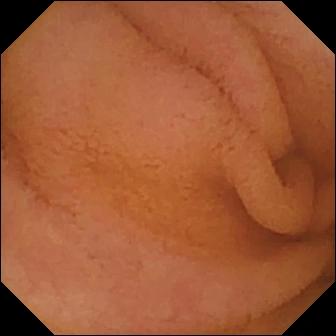Q: What does this VCE view show?
A: Normal clean mucosa.